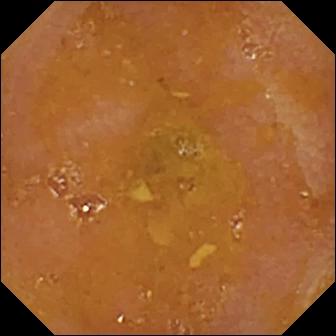Small-bowel capsule endoscopy snapshot showing reduced mucosal view (content or bubbles obscuring the mucosa).